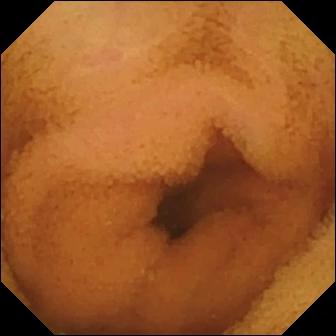Capsule endoscopy still. Normal clean mucosa.